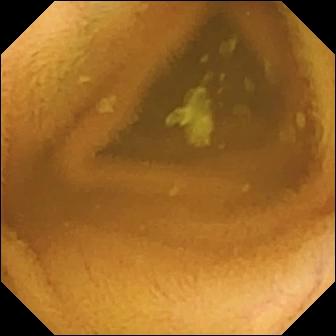WCE view of the small bowel showing normal clean mucosa.